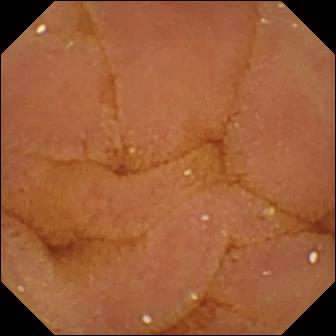- modality: capsule endoscopy
- segment: small bowel
- impression: normal clean mucosa